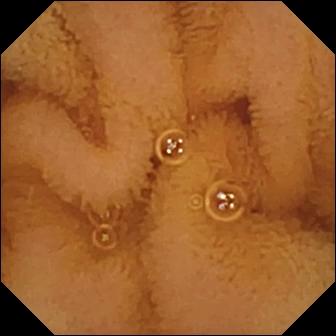WCE — normal clean mucosa.